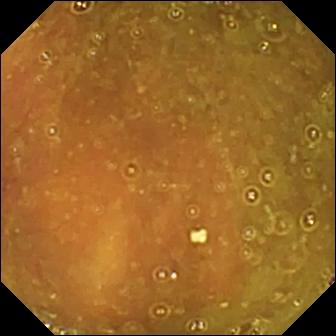Video capsule endoscopy — ileo-cecal valve region (the transition from the small bowel to the large bowel).